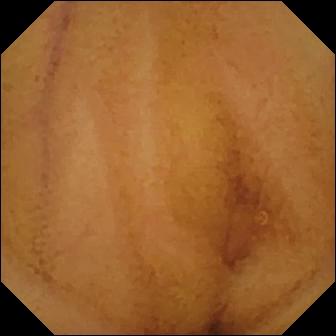VCE. Small intestine. Observation: normal clean mucosa.